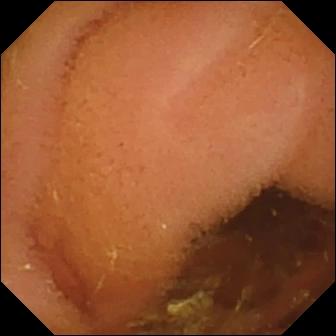{"modality": "video capsule endoscopy", "finding": "normal clean mucosa"}